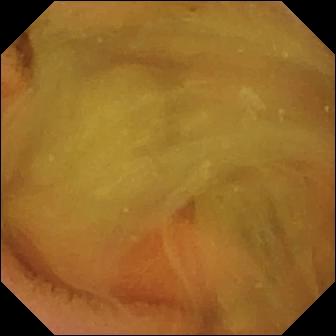WCE still (small bowel). Normal clean mucosa.